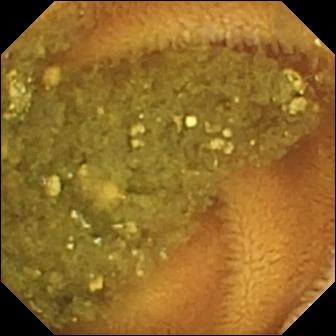Video capsule endoscopy view of the small bowel showing reduced mucosal view (content or bubbles obscuring the mucosa).